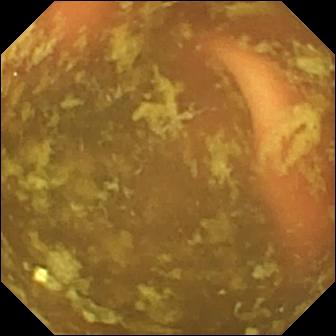VCE. Position: ileo-cecal valve region (the transition from the small bowel to the large bowel).